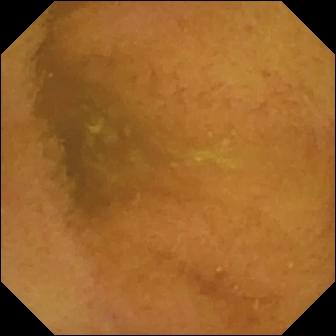Video capsule endoscopy — normal clean mucosa.